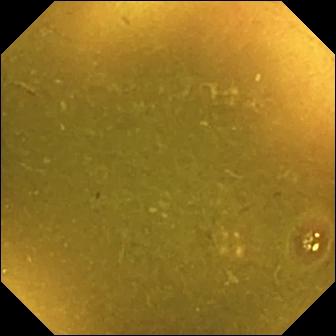Small-bowel capsule endoscopy — ileo-cecal valve region (the transition from the small bowel to the large bowel).